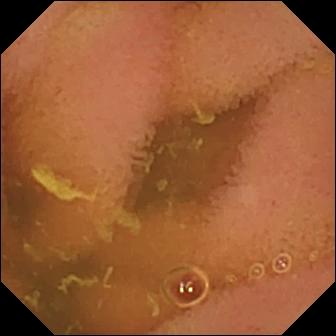PROCEDURE: Small-bowel capsule endoscopy.
FINDINGS: Normal clean mucosa.